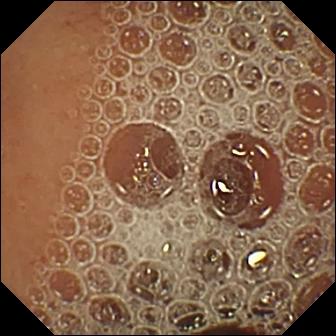Normal clean mucosa — small-bowel capsule endoscopy image.